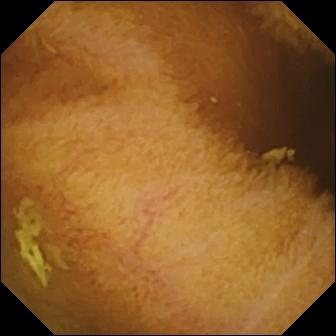Capsule endoscopy. Small bowel. Impression: normal clean mucosa.